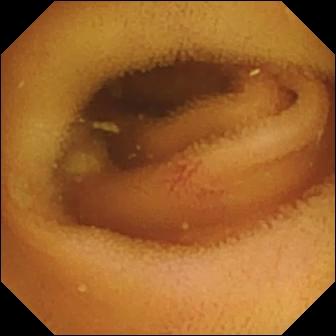Angiectasia — wireless capsule endoscopy still.